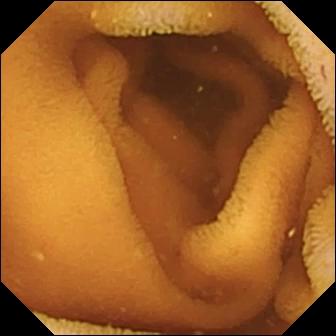VCE view (small bowel). Normal clean mucosa.